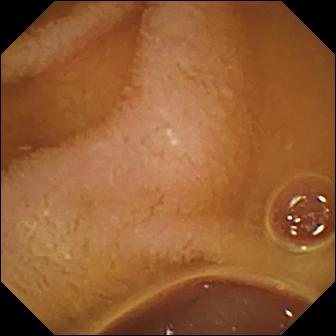VCE image
Label: normal clean mucosa